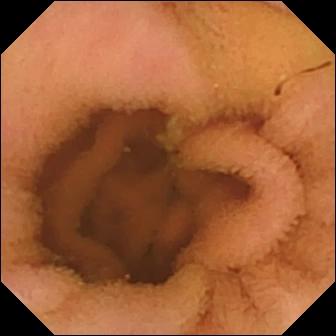Normal clean mucosa.